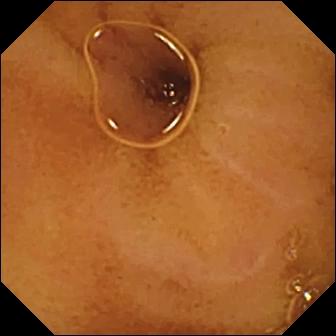Wireless capsule endoscopy snapshot, small intestine
Observation: normal clean mucosa